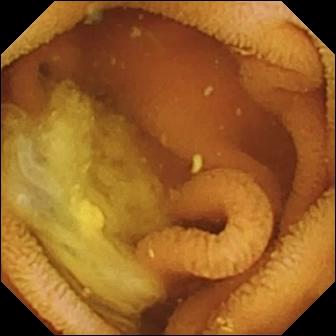Normal clean mucosa — capsule endoscopy snapshot of the small bowel.